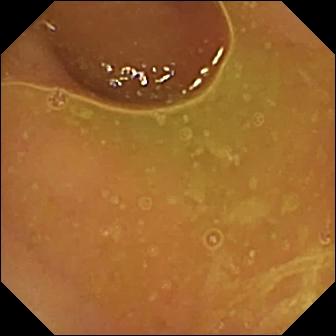Video capsule endoscopy view showing normal clean mucosa.